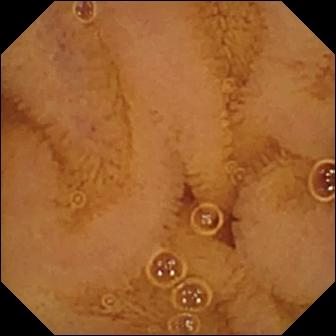Video capsule endoscopy — normal clean mucosa.